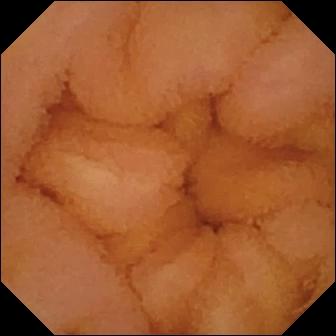VCE snapshot (small bowel), 336×336. Normal clean mucosa.